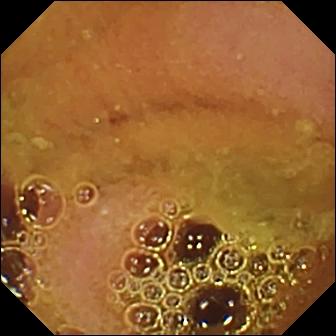modality: capsule endoscopy; category: luminal finding; observation: normal clean mucosa